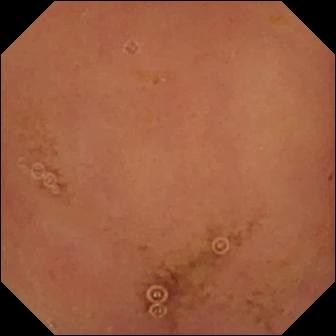- modality: capsule endoscopy
- impression: normal clean mucosa